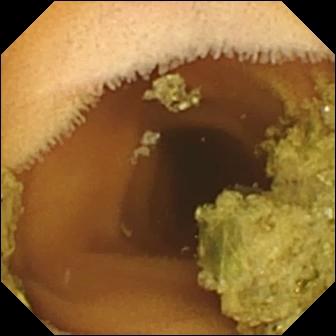Normal clean mucosa.